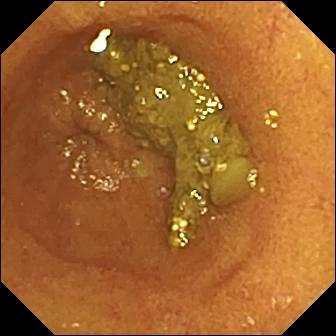Q: Where in the digestive tract was this video capsule endoscopy still taken?
A: Ileo-cecal valve region.